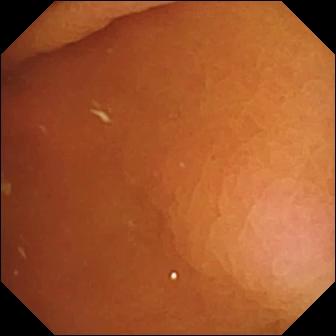{"modality": "WCE", "category": "anatomical landmark", "video_segment": "pylorus region (the junction between the stomach and the small bowel)"}